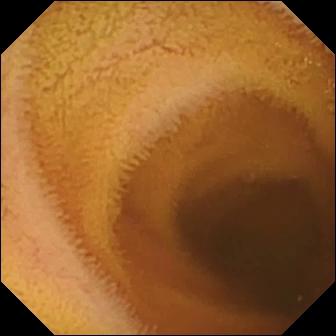modality: WCE; category: luminal finding; observation: normal clean mucosa